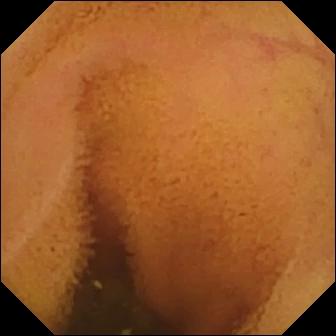Capsule endoscopy. Small intestine. Impression: normal clean mucosa.